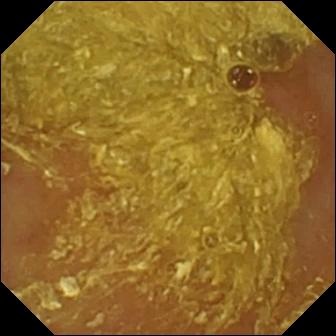VCE — reduced mucosal view (content or bubbles obscuring the mucosa).